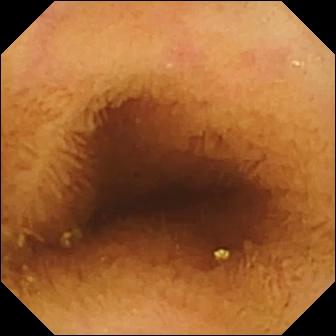Video capsule endoscopy image showing normal clean mucosa.